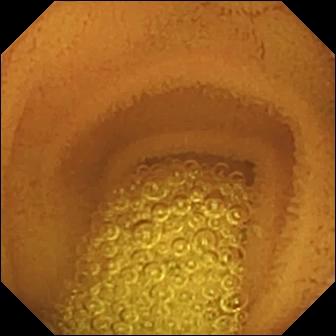Normal clean mucosa.